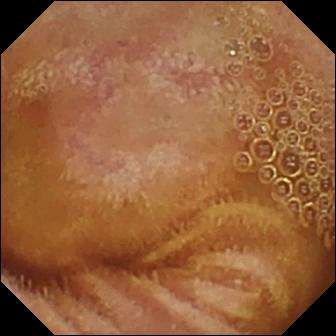{"modality": "capsule endoscopy", "segment": "small intestine", "category": "luminal finding", "finding": "normal clean mucosa"}